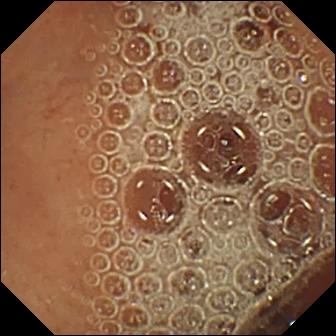Capsule endoscopy — normal clean mucosa.